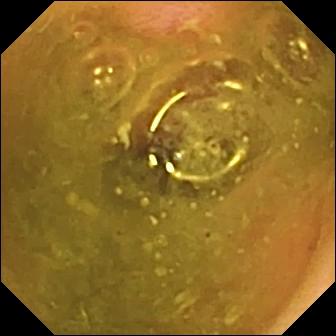Q: What does this capsule endoscopy image show?
A: Erosion.